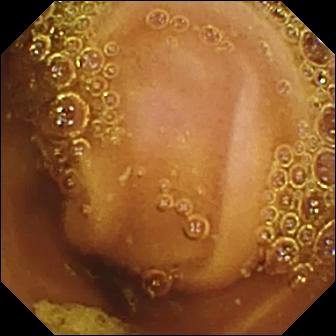WCE — normal clean mucosa.